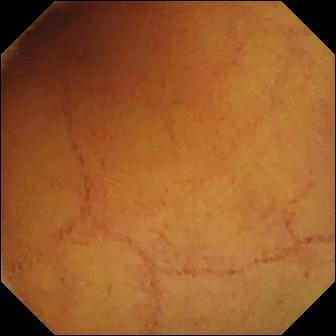WCE snapshot
Label: normal clean mucosa